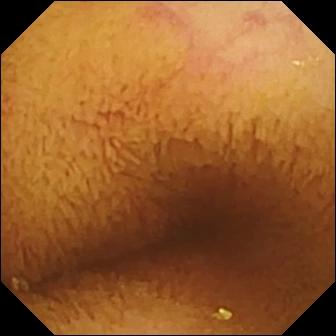VCE view
Observation: normal clean mucosa